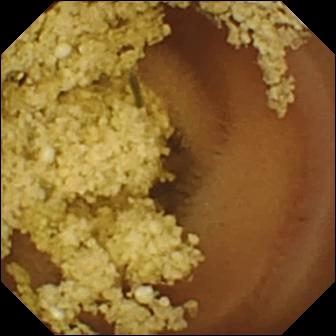modality: video capsule endoscopy | observation: normal clean mucosa